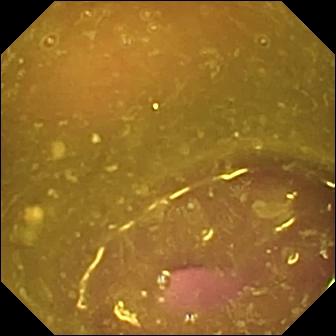Wireless capsule endoscopy still of the small intestine showing reduced mucosal view (content or bubbles obscuring the mucosa).